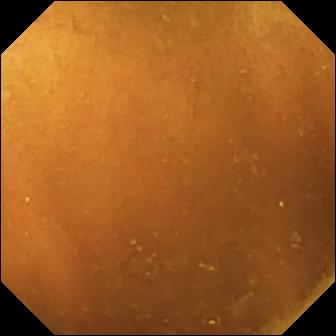Capsule endoscopy. Luminal finding. Label: normal clean mucosa.